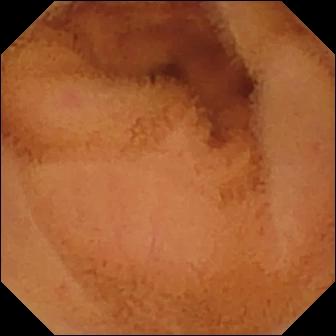This capsule endoscopy frame of the small intestine shows normal clean mucosa.